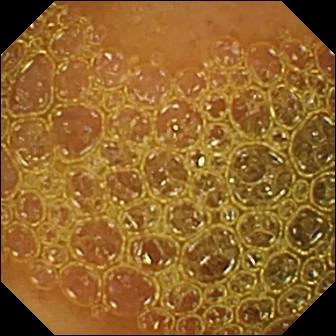Video capsule endoscopy — reduced mucosal view (content or bubbles obscuring the mucosa).